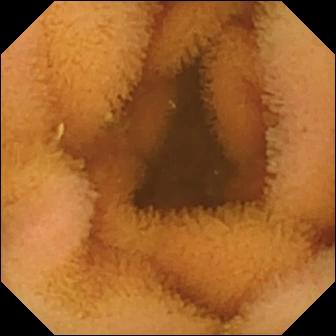Normal clean mucosa — VCE frame of the small intestine.